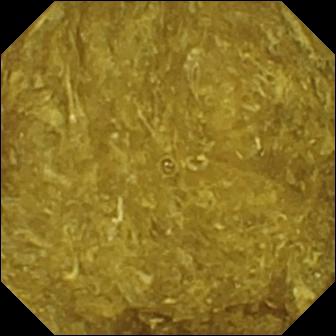Wireless capsule endoscopy. Finding: reduced mucosal view (content or bubbles obscuring the mucosa).